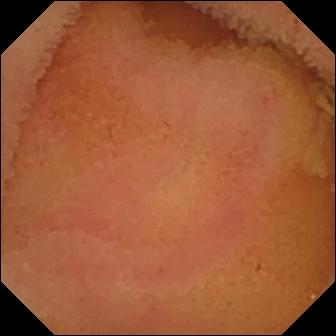Q: What does this video capsule endoscopy still show?
A: Normal clean mucosa.